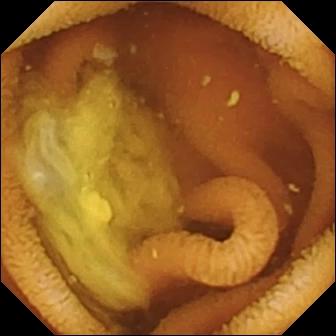Normal clean mucosa — small-bowel capsule endoscopy image.